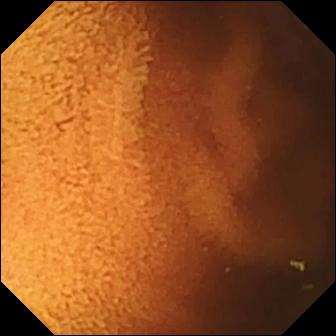VCE. Small bowel. Label: normal clean mucosa.